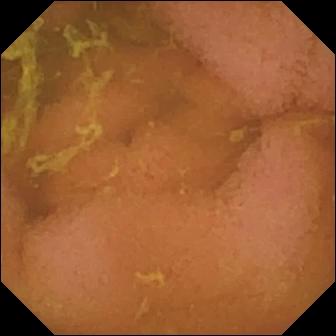Normal clean mucosa — wireless capsule endoscopy view of the small bowel.